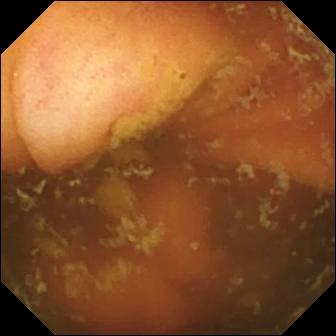WCE — ileo-cecal valve region (the transition from the small bowel to the large bowel).